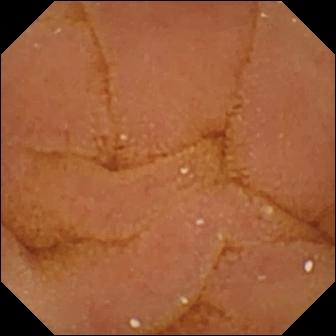{"modality": "small-bowel capsule endoscopy", "segment": "small bowel", "category": "luminal finding", "finding": "normal clean mucosa"}